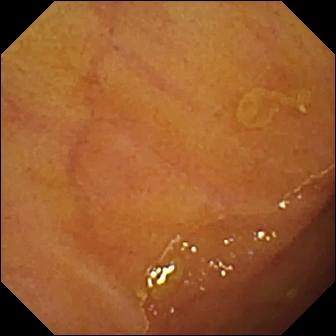Capsule endoscopy — ileo-cecal valve region.